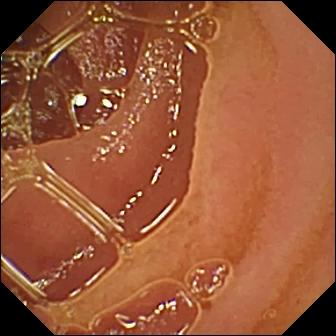Normal clean mucosa — capsule endoscopy frame.